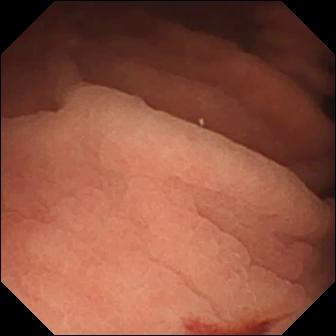{"modality": "wireless capsule endoscopy", "category": "luminal finding", "finding": "angiectasia"}